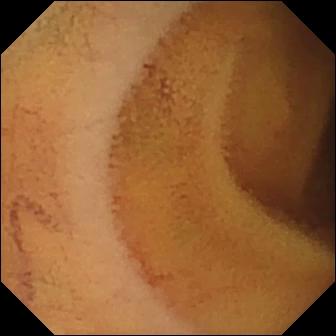Small-bowel capsule endoscopy view, small intestine
Impression: normal clean mucosa